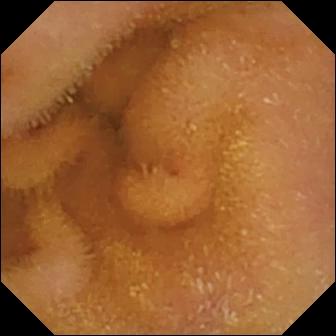This VCE view of the small bowel shows normal clean mucosa.